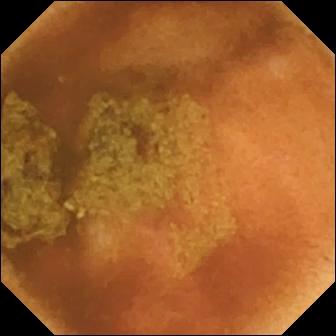Wireless capsule endoscopy. Finding: normal clean mucosa.